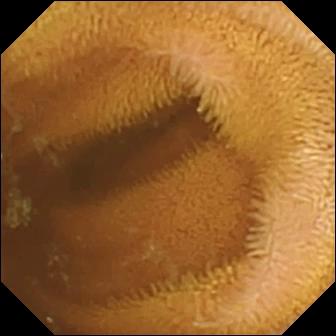WCE — normal clean mucosa.